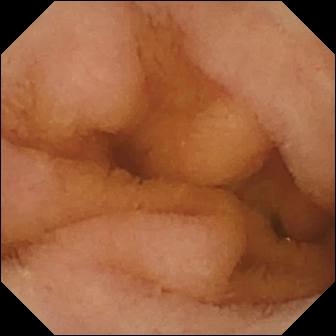WCE frame (small intestine). Normal clean mucosa.